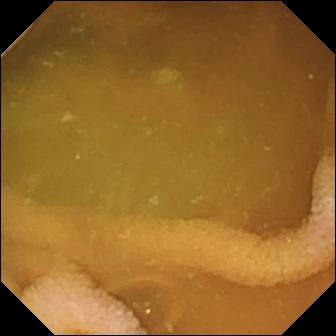PROCEDURE: WCE.
SEGMENT: Small bowel.
FINDINGS: Normal clean mucosa.